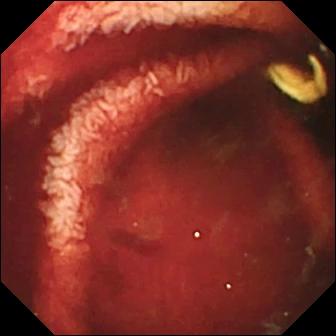{"modality": "small-bowel capsule endoscopy", "finding": "fresh blood in the lumen"}